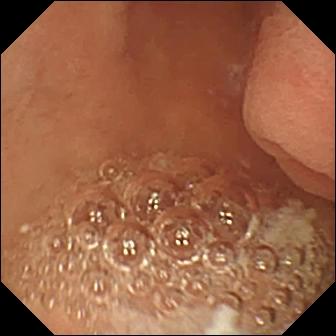WCE still taken in the pylorus region (the junction between the stomach and the small bowel).